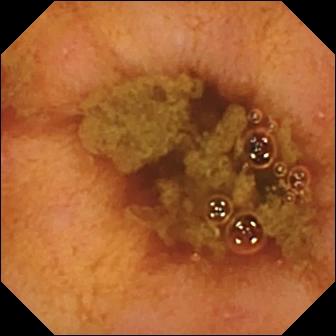Video capsule endoscopy image
Location: ileo-cecal valve region (the transition from the small bowel to the large bowel)